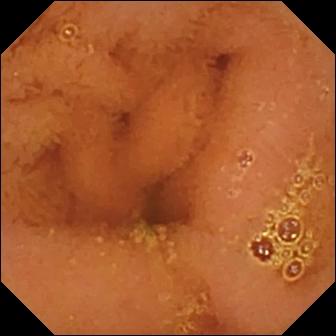Small-bowel capsule endoscopy view, small bowel
Observation: normal clean mucosa